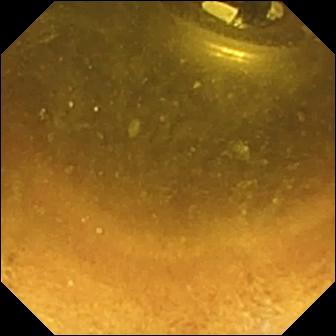Capsule endoscopy still, 336×336. Foreign body (e.g. retained capsule, tablet residue).